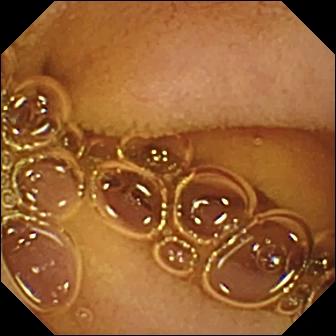- modality: small-bowel capsule endoscopy
- segment: small bowel
- observation: normal clean mucosa